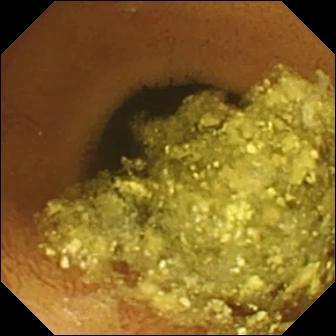Wireless capsule endoscopy still
Finding: normal clean mucosa